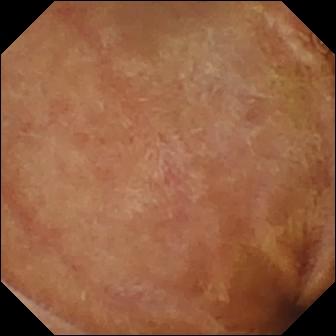WCE — normal clean mucosa.